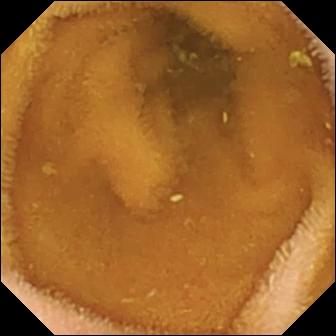Q: What does this WCE snapshot show?
A: Normal clean mucosa.